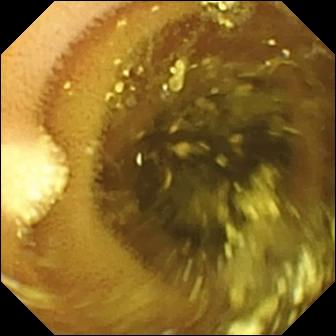Small-bowel capsule endoscopy. Finding: lymphangiectasia.